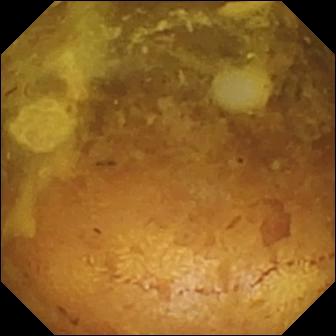Reduced mucosal view (content or bubbles obscuring the mucosa) — WCE image of the small intestine.